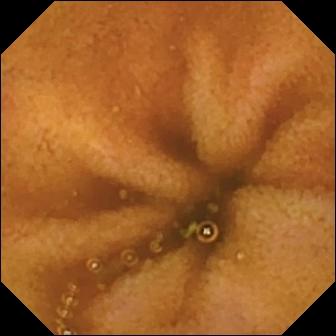Video capsule endoscopy snapshot showing normal clean mucosa.